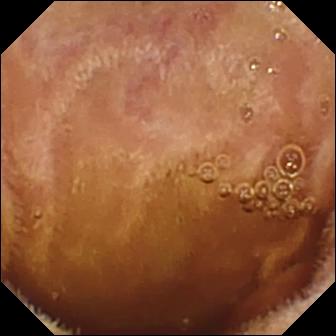- modality: small-bowel capsule endoscopy
- segment: small bowel
- category: luminal finding
- impression: normal clean mucosa